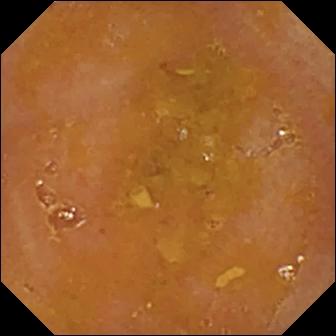Reduced mucosal view (content or bubbles obscuring the mucosa).